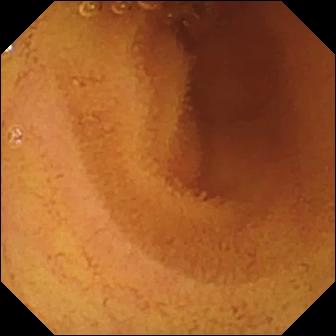Normal clean mucosa — VCE frame of the small bowel.